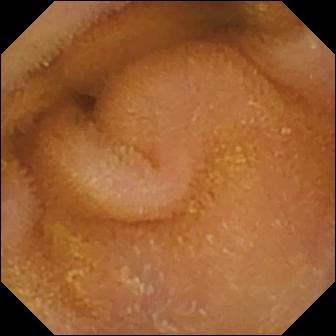PROCEDURE: Wireless capsule endoscopy.
FINDINGS: Normal clean mucosa.